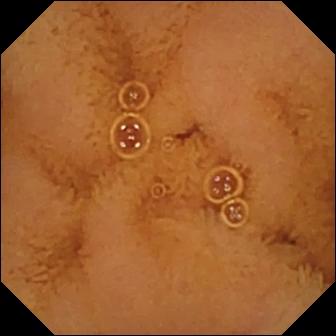Normal clean mucosa — VCE image.